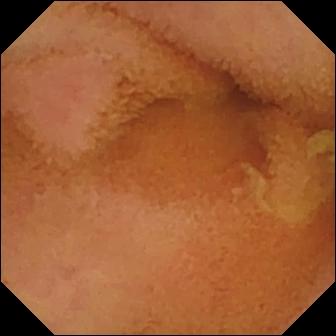modality: small-bowel capsule endoscopy
category: luminal finding
label: normal clean mucosa